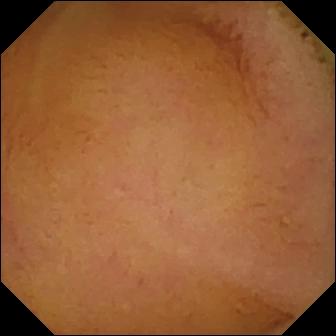WCE. Small intestine. Luminal finding. Observation: normal clean mucosa.